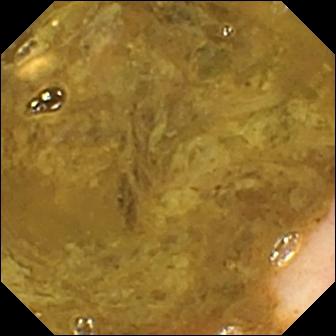VCE snapshot
Location: ileo-cecal valve region (where the capsule passes from the small bowel into the large bowel)